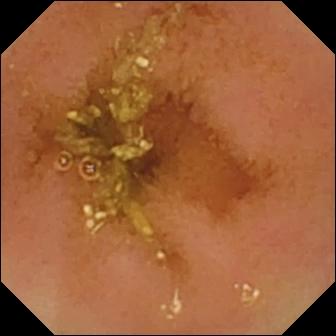- modality: video capsule endoscopy
- segment: small bowel
- category: luminal finding
- finding: normal clean mucosa